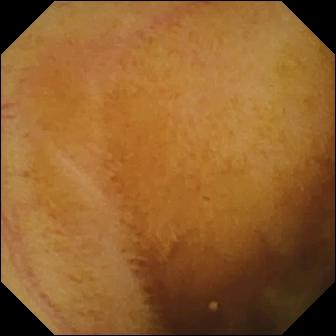VCE snapshot (small bowel). Normal clean mucosa.